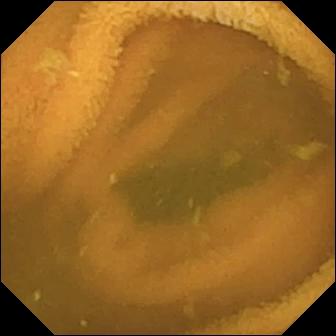{"modality": "WCE", "segment": "small bowel", "finding": "normal clean mucosa"}